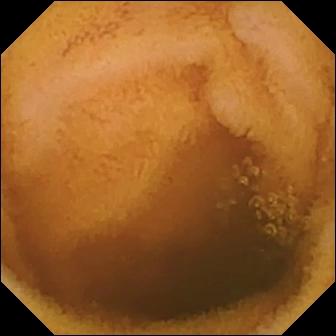Normal clean mucosa — WCE frame.